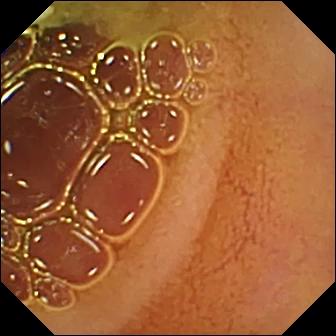This capsule endoscopy snapshot shows normal clean mucosa.